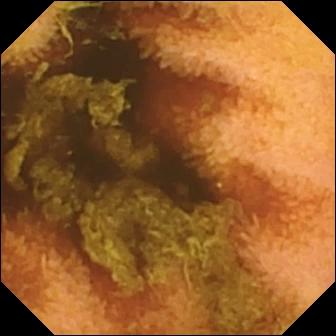Normal clean mucosa.